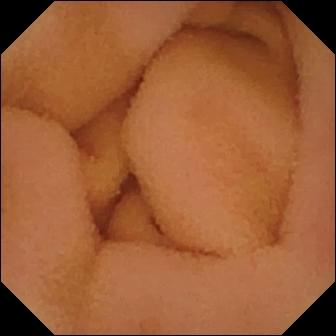This video capsule endoscopy snapshot shows normal clean mucosa.